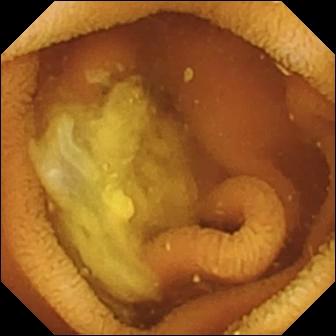Small-bowel capsule endoscopy snapshot of the small bowel showing normal clean mucosa.